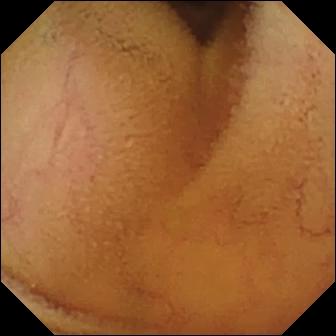{"modality": "small-bowel capsule endoscopy", "finding": "normal clean mucosa"}